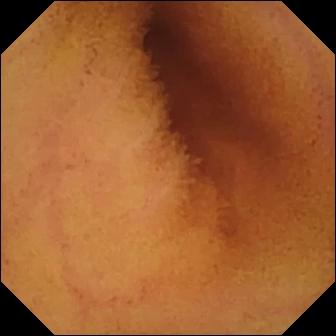modality: video capsule endoscopy
category: luminal finding
observation: normal clean mucosa